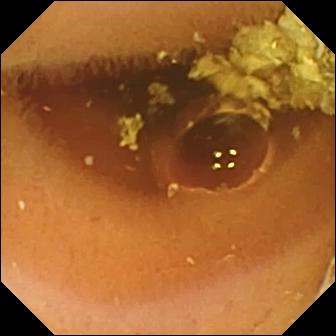Normal clean mucosa — capsule endoscopy still of the small bowel.